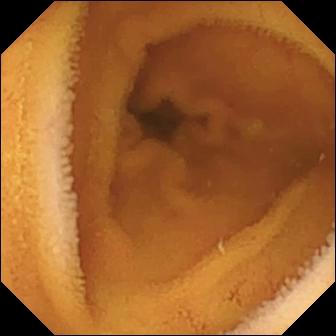WCE. Luminal finding. Finding: normal clean mucosa.